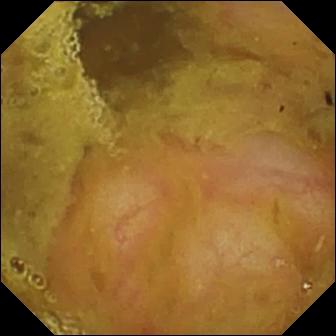Ileo-cecal valve region (the transition from the small bowel to the large bowel).